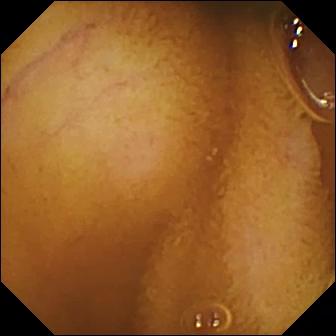Normal clean mucosa — video capsule endoscopy image of the small intestine.